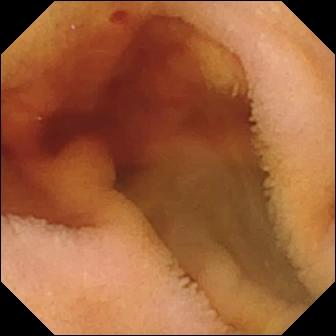modality: VCE | impression: fresh blood in the lumen